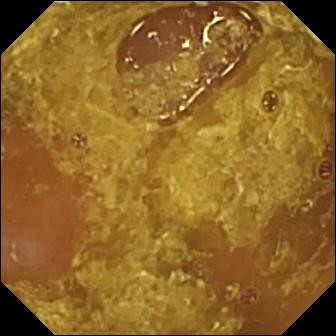PROCEDURE: WCE.
FINDINGS: Reduced mucosal view (content or bubbles obscuring the mucosa).